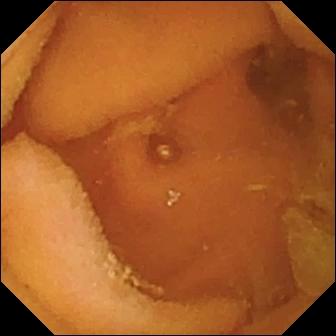Normal clean mucosa (336×336).